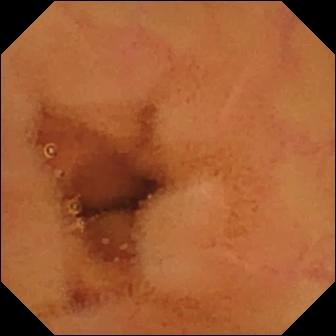This small-bowel capsule endoscopy still of the small intestine shows normal clean mucosa.